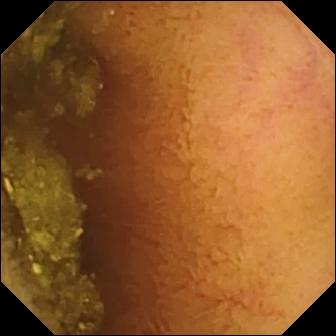Video capsule endoscopy view. Normal clean mucosa.